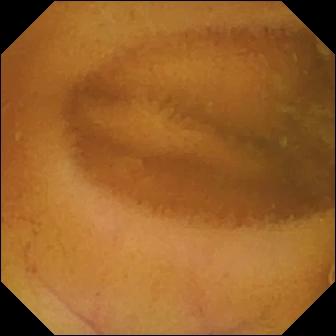Normal clean mucosa (336×336).